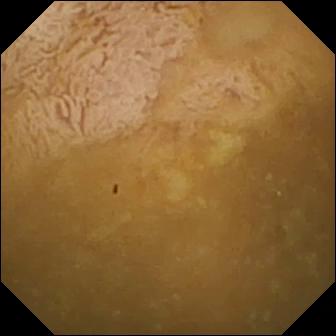{"modality": "video capsule endoscopy", "category": "anatomical landmark", "position": "ileo-cecal valve region"}